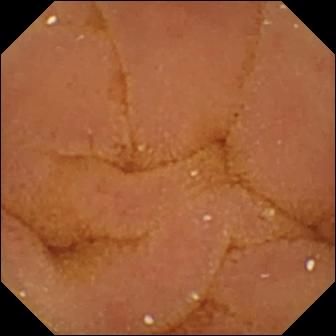WCE frame. Normal clean mucosa.